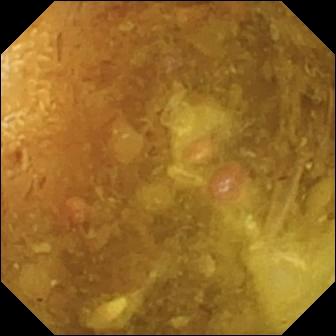Small-bowel capsule endoscopy. Small bowel. Finding: reduced mucosal view (content or bubbles obscuring the mucosa).